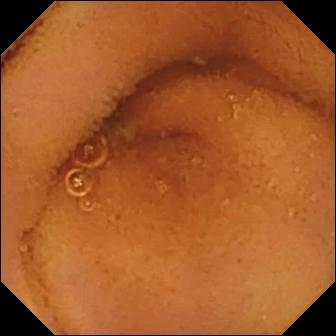WCE view, small bowel
Observation: normal clean mucosa